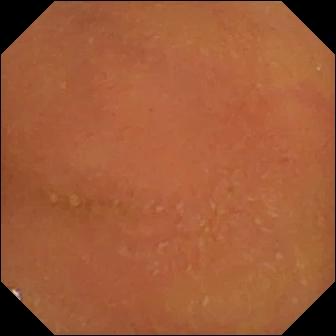This video capsule endoscopy view shows normal clean mucosa.